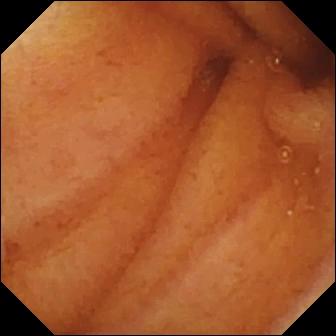PROCEDURE: Video capsule endoscopy.
FINDINGS: Normal clean mucosa.